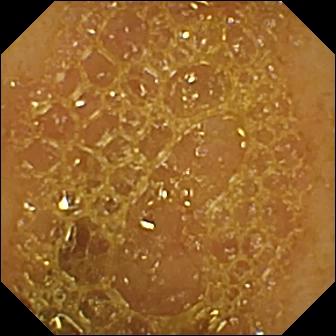modality: VCE
video segment: ileo-cecal valve region